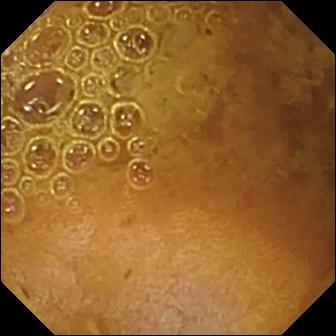Reduced mucosal view (content or bubbles obscuring the mucosa) — wireless capsule endoscopy view of the small intestine.